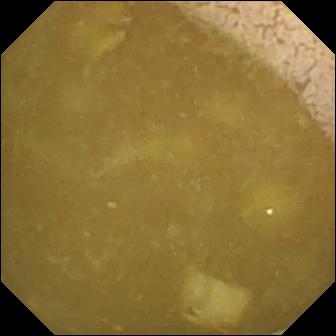Small-bowel capsule endoscopy — ileo-cecal valve region (where the capsule passes from the small bowel into the large bowel).